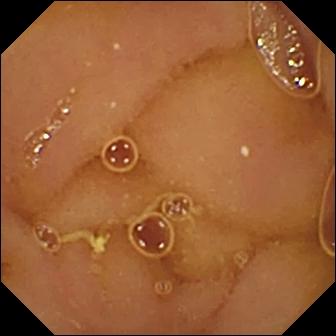Normal clean mucosa.